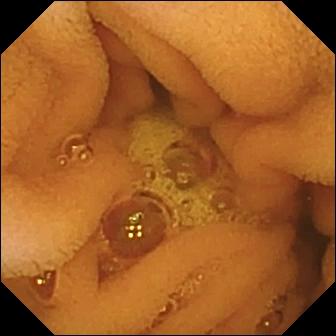VCE image, small bowel
Impression: normal clean mucosa